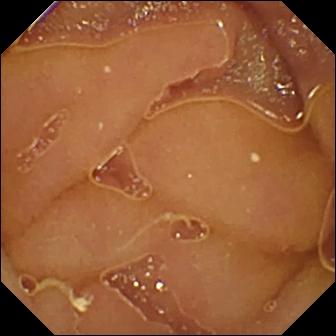Normal clean mucosa — small-bowel capsule endoscopy frame of the small intestine.